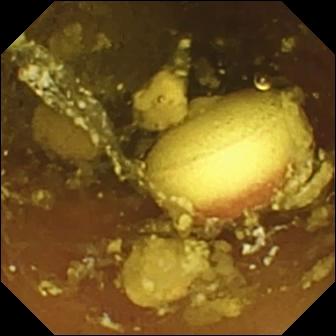WCE view
Finding: foreign body (e.g. retained capsule, tablet residue)